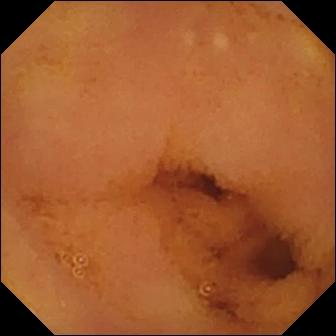Normal clean mucosa.